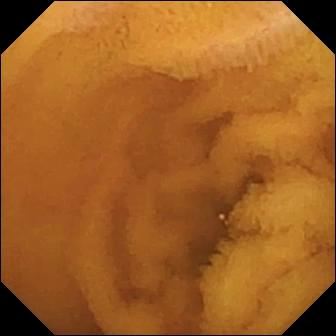Q: What does this video capsule endoscopy frame show?
A: Normal clean mucosa.